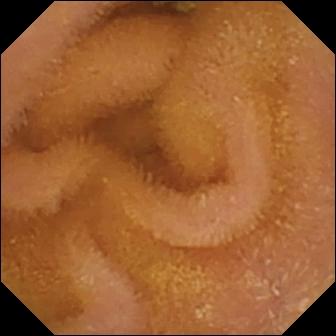Normal clean mucosa.